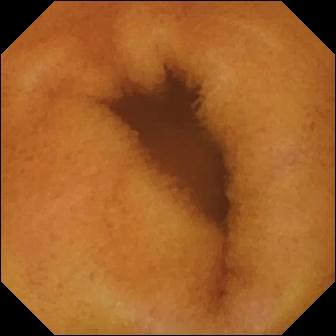VCE. Small bowel. Finding: normal clean mucosa.